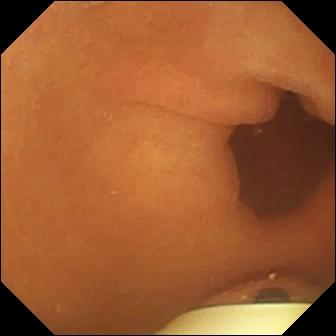{"modality": "video capsule endoscopy", "finding": "foreign body (e.g. retained capsule, tablet residue)"}